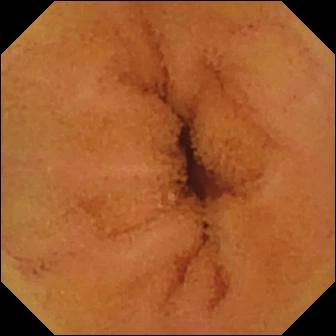- modality: WCE
- segment: small bowel
- observation: normal clean mucosa